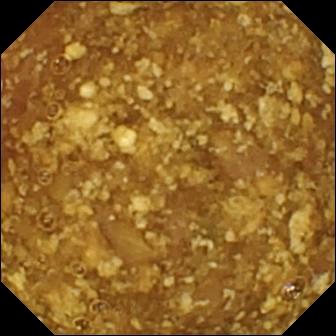modality: video capsule endoscopy
impression: reduced mucosal view (content or bubbles obscuring the mucosa)